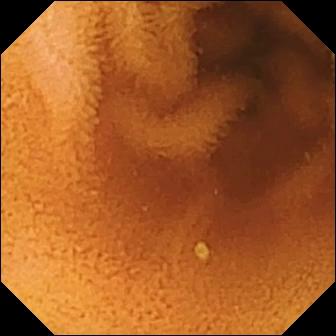PROCEDURE: VCE.
SEGMENT: Small bowel.
FINDINGS: Normal clean mucosa.